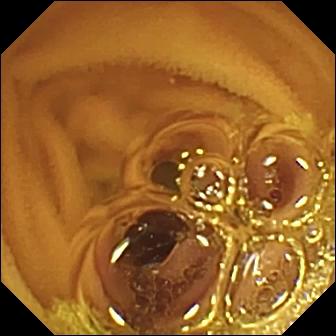Normal clean mucosa.